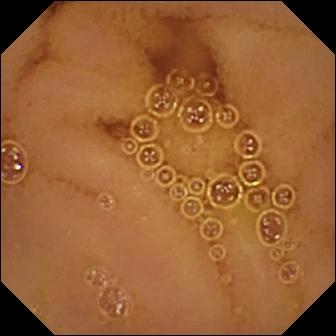Normal clean mucosa.